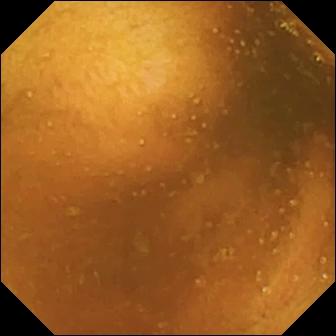WCE frame
Observation: normal clean mucosa